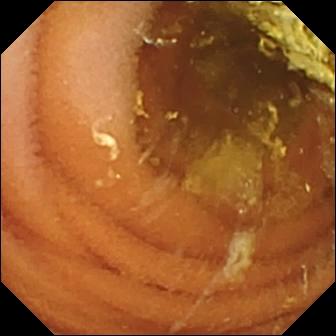VCE image (small intestine). Normal clean mucosa.